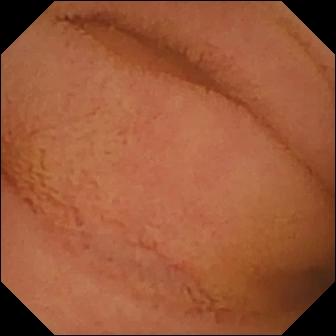modality: wireless capsule endoscopy
segment: small bowel
category: luminal finding
finding: normal clean mucosa